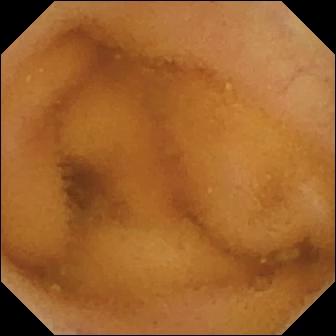Capsule endoscopy. Luminal finding. Observation: normal clean mucosa.